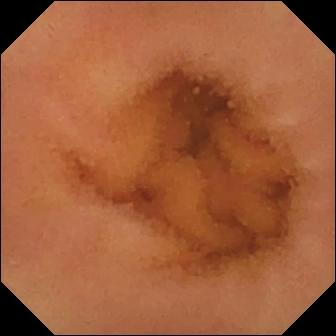WCE still
Label: normal clean mucosa